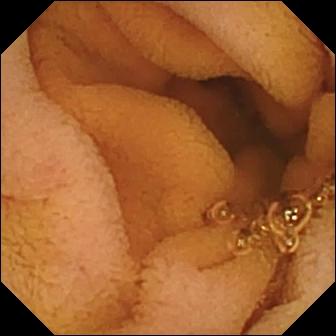Small-bowel capsule endoscopy frame
Impression: normal clean mucosa